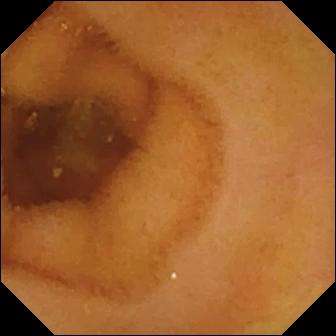Wireless capsule endoscopy frame showing normal clean mucosa.